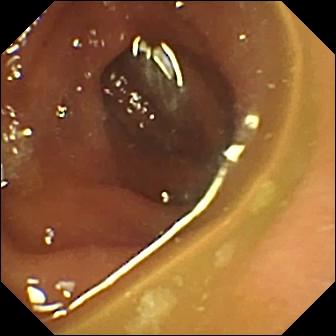{"modality": "small-bowel capsule endoscopy", "finding": "normal clean mucosa"}